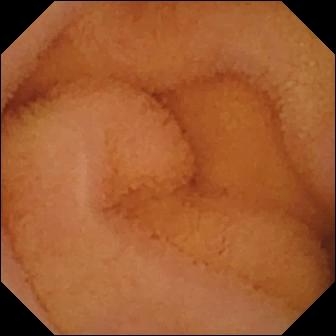Normal clean mucosa.